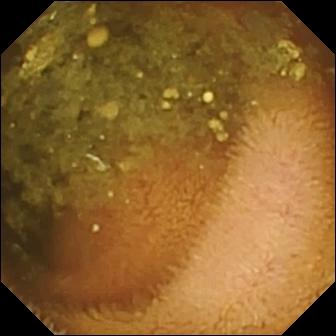Capsule endoscopy. Small intestine. Luminal finding. Finding: reduced mucosal view (content or bubbles obscuring the mucosa).